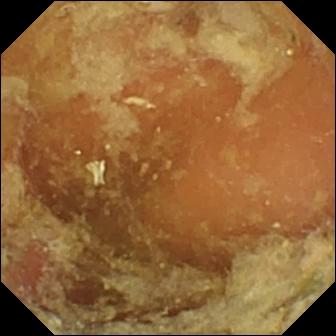Small-bowel capsule endoscopy image
Video segment: pylorus region (where the capsule passes from the stomach into the small bowel)